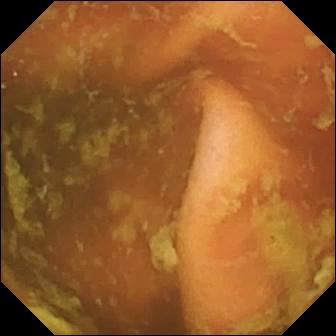VCE snapshot taken in the ileo-cecal valve region.